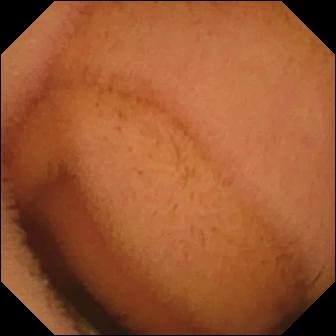Video capsule endoscopy still, small bowel
Label: normal clean mucosa